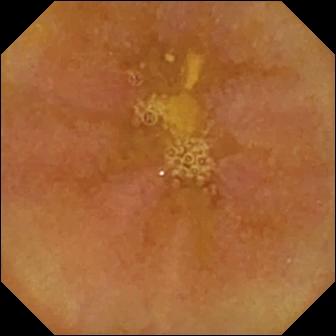Q: What does this VCE view of the small bowel show?
A: Reduced mucosal view (content or bubbles obscuring the mucosa).